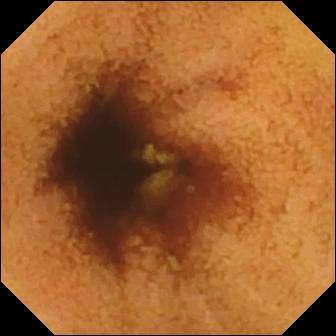PROCEDURE: WCE.
FINDINGS: Normal clean mucosa.